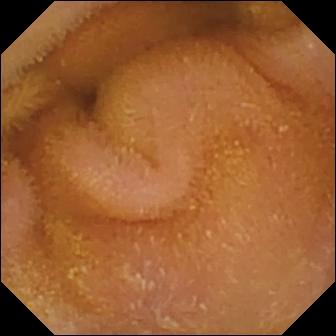{"modality": "wireless capsule endoscopy", "segment": "small bowel", "finding": "normal clean mucosa"}